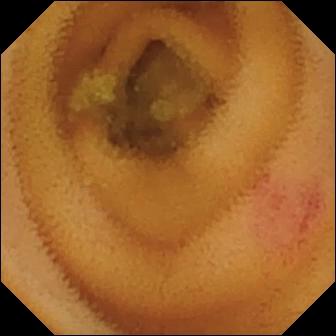VCE. Luminal finding. Observation: angiectasia.